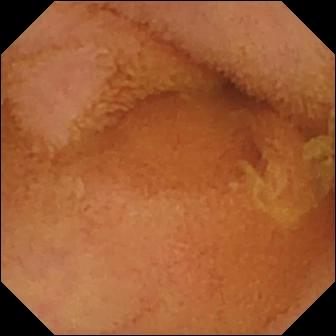- modality: VCE
- label: normal clean mucosa